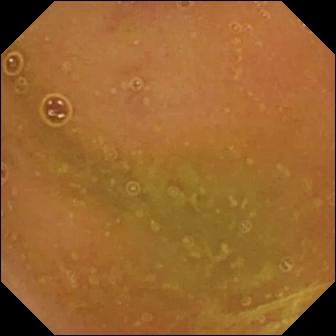Wireless capsule endoscopy — normal clean mucosa.